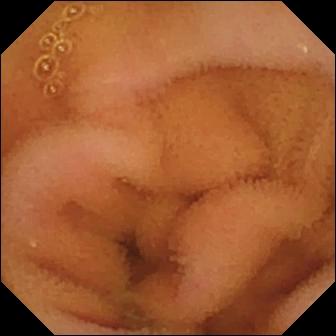Video capsule endoscopy view
Impression: normal clean mucosa